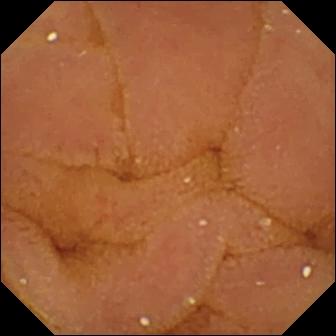Wireless capsule endoscopy image (small intestine), 336×336. Normal clean mucosa.